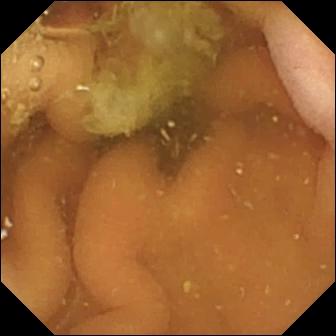Capsule endoscopy — pylorus region (the junction between the stomach and the small bowel).